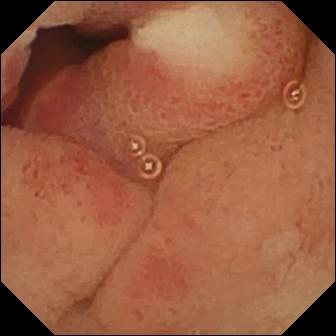Ulcer — video capsule endoscopy frame.